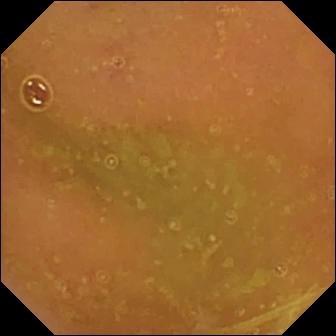This video capsule endoscopy image shows normal clean mucosa.